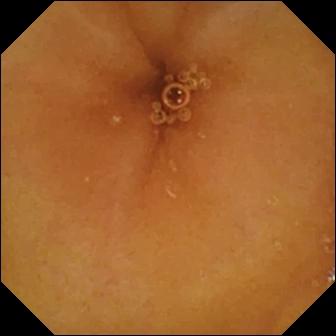Video capsule endoscopy. Small intestine. Luminal finding. Impression: normal clean mucosa.